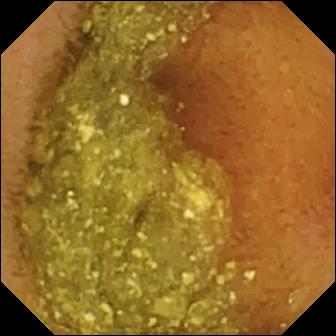VCE. Small bowel. Observation: normal clean mucosa.